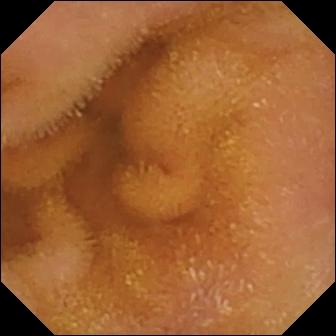Normal clean mucosa — small-bowel capsule endoscopy snapshot of the small intestine.